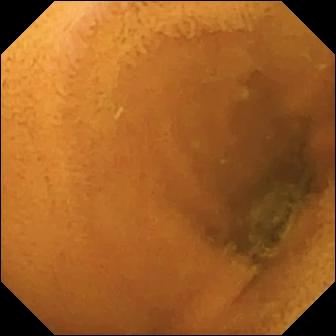Normal clean mucosa.